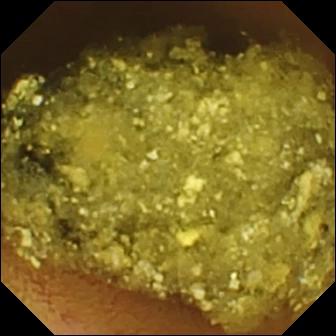Capsule endoscopy frame (small intestine), 336×336. Normal clean mucosa.